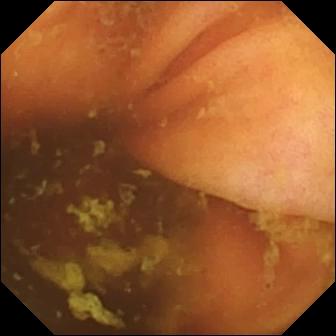This video capsule endoscopy frame was taken in the ileo-cecal valve region (the transition from the small bowel to the large bowel).